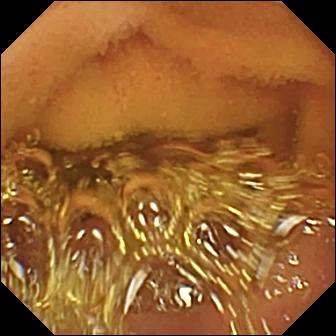Small-bowel capsule endoscopy view, small intestine
Finding: normal clean mucosa